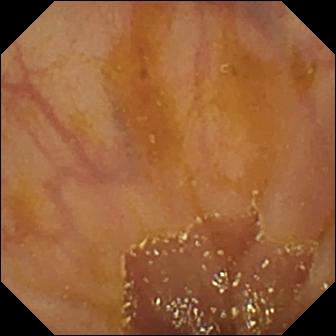PROCEDURE: Wireless capsule endoscopy.
POSITION: Ileo-cecal valve region (where the capsule passes from the small bowel into the large bowel).